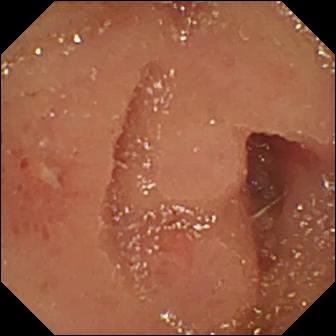{"modality": "capsule endoscopy", "finding": "erosion"}